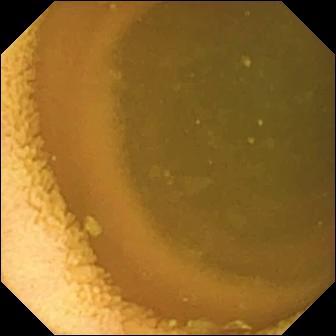Normal clean mucosa — WCE snapshot.